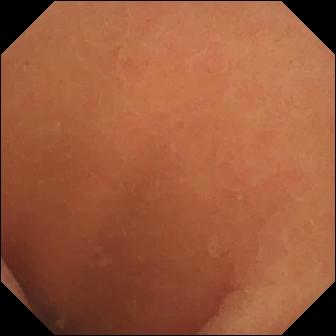This wireless capsule endoscopy still shows normal clean mucosa.